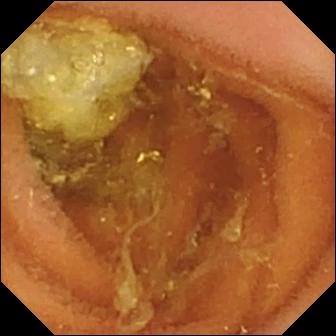{"modality": "WCE", "finding": "normal clean mucosa"}